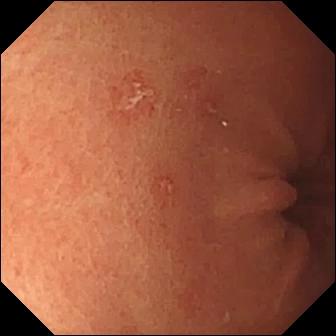modality: VCE | impression: erosion